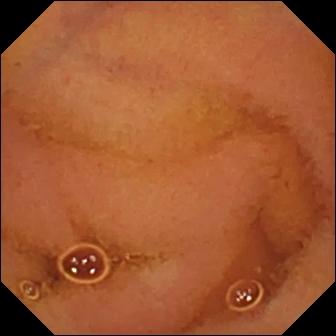Normal clean mucosa — video capsule endoscopy snapshot of the small bowel.